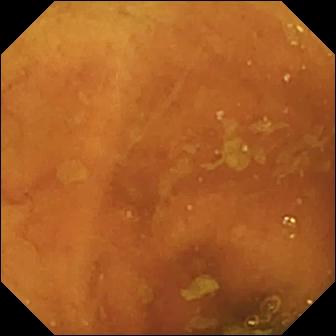{"modality": "wireless capsule endoscopy", "video_segment": "ileo-cecal valve region (the transition from the small bowel to the large bowel)"}